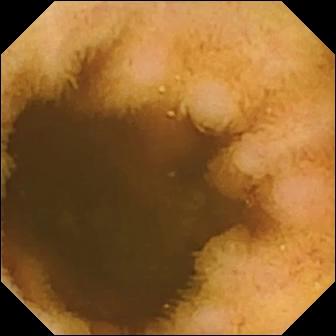Small-bowel capsule endoscopy view (small bowel). Normal clean mucosa.